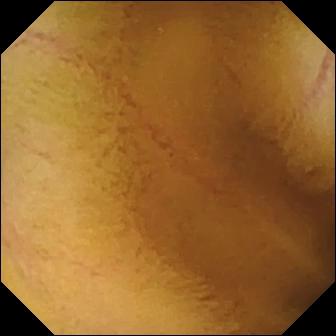modality: capsule endoscopy; segment: small intestine; label: normal clean mucosa